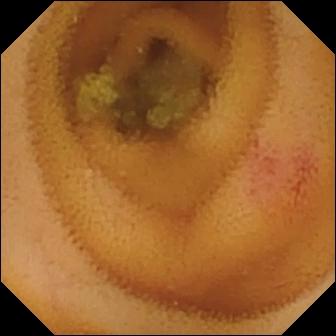VCE. Observation: angiectasia.